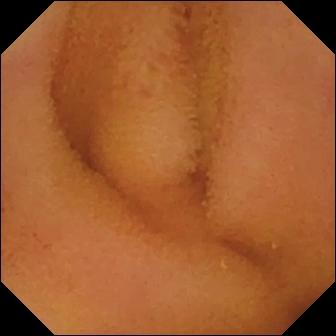Wireless capsule endoscopy snapshot of the small intestine showing normal clean mucosa.